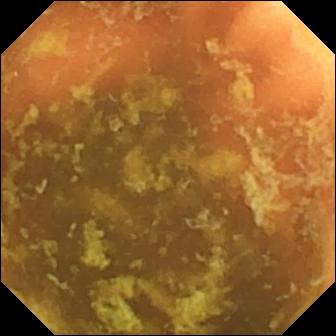Capsule endoscopy snapshot taken in the ileo-cecal valve region (where the capsule passes from the small bowel into the large bowel).